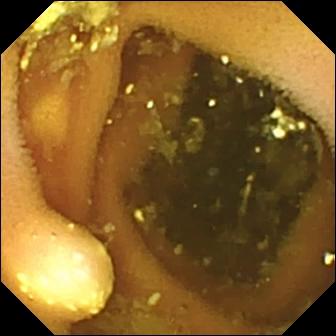{"modality": "small-bowel capsule endoscopy", "category": "luminal finding", "finding": "lymphangiectasia"}